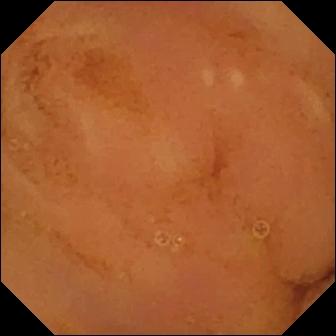Q: What does this capsule endoscopy still show?
A: Normal clean mucosa.